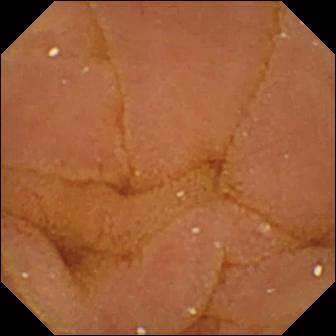WCE image (small intestine). Normal clean mucosa.